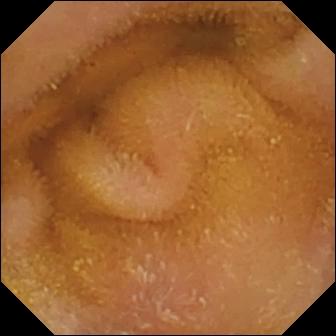{"modality": "WCE", "finding": "normal clean mucosa"}